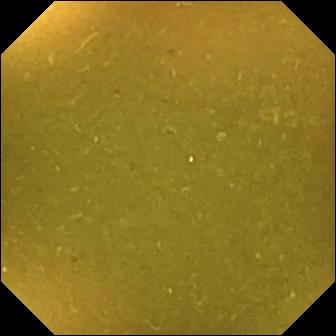Ileo-cecal valve region (the transition from the small bowel to the large bowel) — VCE frame.